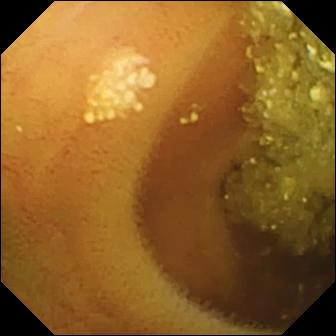VCE snapshot. Lymphangiectasia.